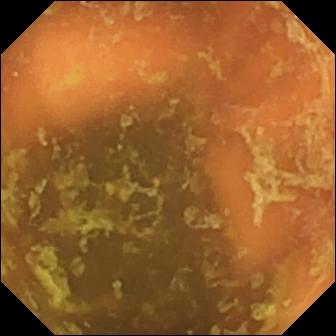- modality: WCE
- category: anatomical landmark
- video segment: ileo-cecal valve region (where the capsule passes from the small bowel into the large bowel)